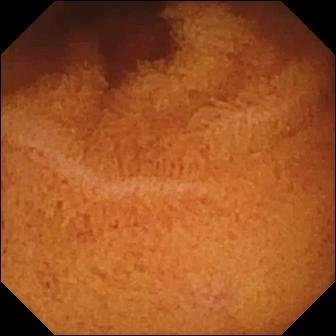VCE view (small bowel). Normal clean mucosa.